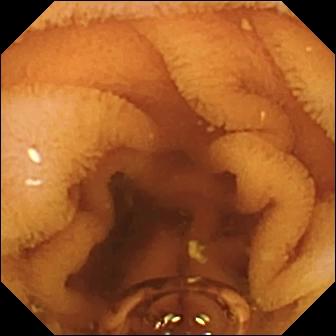This wireless capsule endoscopy frame shows normal clean mucosa.